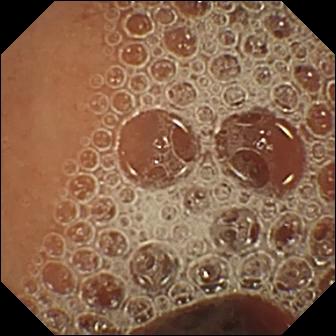modality: wireless capsule endoscopy | category: luminal finding | impression: normal clean mucosa